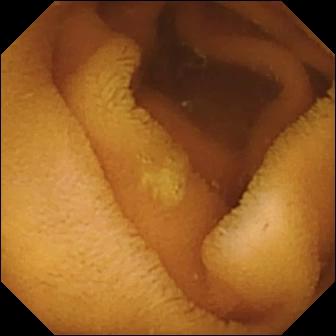Capsule endoscopy frame (small intestine), 336×336. Normal clean mucosa.